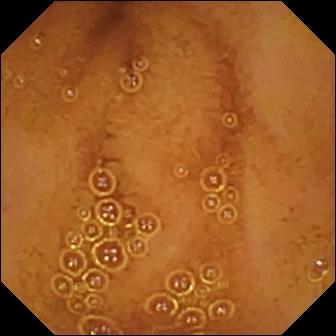- modality: capsule endoscopy
- segment: small bowel
- impression: normal clean mucosa